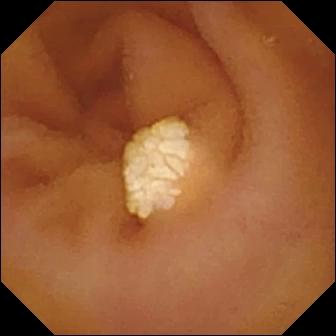- modality: WCE
- label: lymphangiectasia